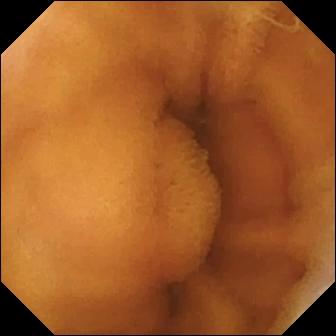Normal clean mucosa — video capsule endoscopy frame of the small intestine.